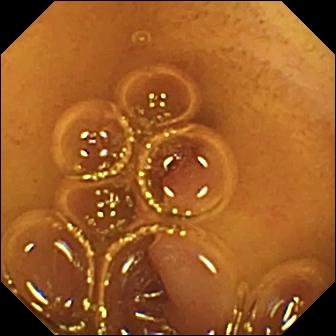- modality: WCE
- observation: normal clean mucosa